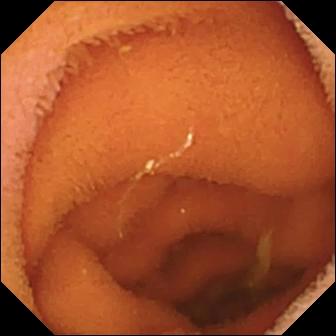WCE — normal clean mucosa.